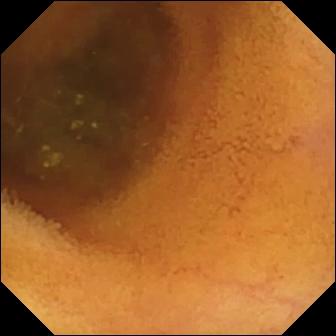PROCEDURE: Wireless capsule endoscopy.
FINDINGS: Normal clean mucosa.